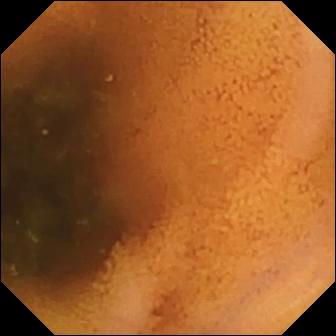Q: What does this video capsule endoscopy still of the small intestine show?
A: Normal clean mucosa.